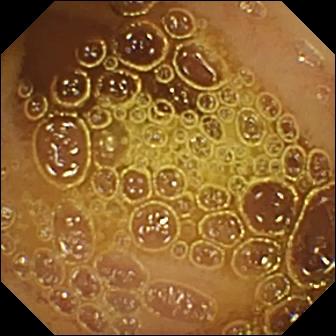{"modality": "video capsule endoscopy", "segment": "small intestine", "finding": "normal clean mucosa"}